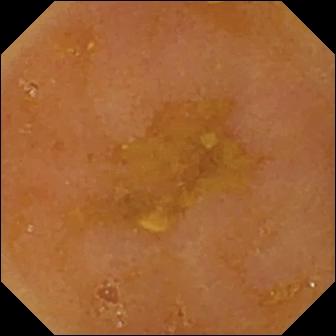Wireless capsule endoscopy view
Observation: reduced mucosal view (content or bubbles obscuring the mucosa)